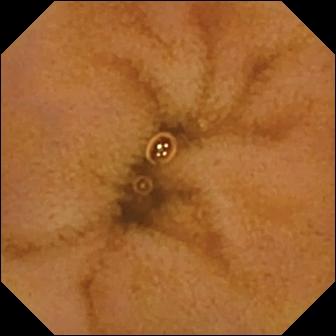Capsule endoscopy snapshot, small bowel
Finding: normal clean mucosa